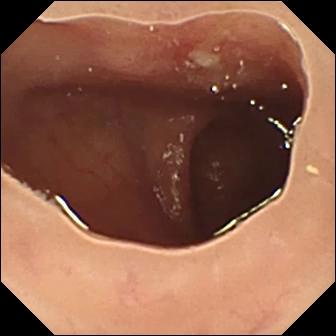{"modality": "small-bowel capsule endoscopy", "finding": "ulcer"}